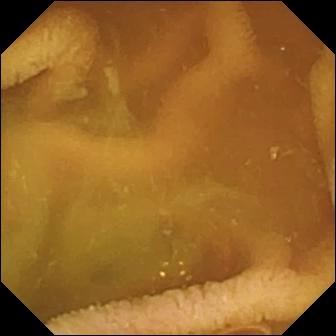Wireless capsule endoscopy frame
Observation: normal clean mucosa